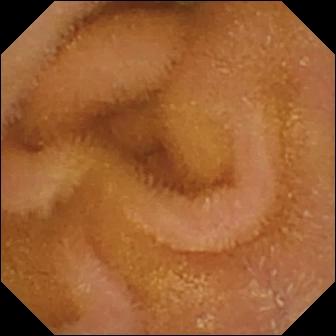Normal clean mucosa — wireless capsule endoscopy view of the small intestine.